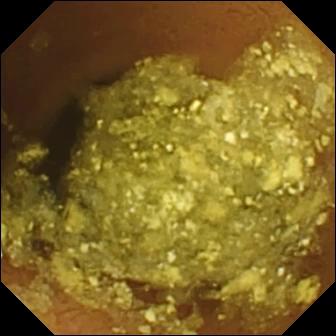Wireless capsule endoscopy view showing normal clean mucosa.